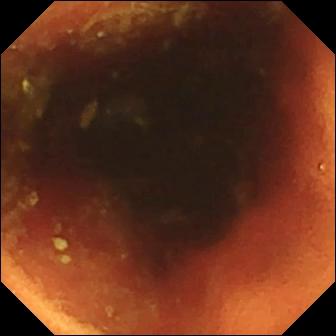Q: Where in the digestive tract was this wireless capsule endoscopy still taken?
A: Ileo-cecal valve region (where the capsule passes from the small bowel into the large bowel).